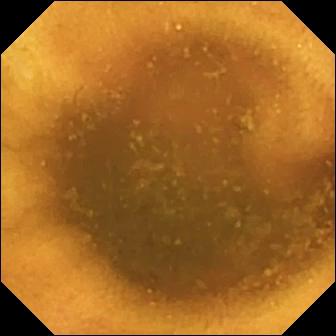{"modality": "wireless capsule endoscopy", "segment": "small bowel", "finding": "normal clean mucosa"}